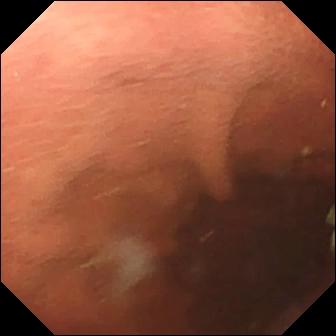PROCEDURE: Small-bowel capsule endoscopy.
VIDEO SEGMENT: Pylorus region (the junction between the stomach and the small bowel).